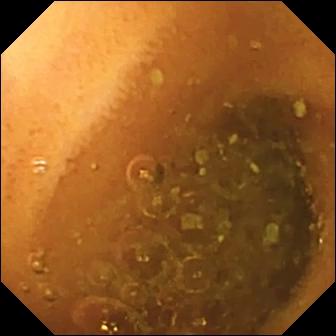Normal clean mucosa.